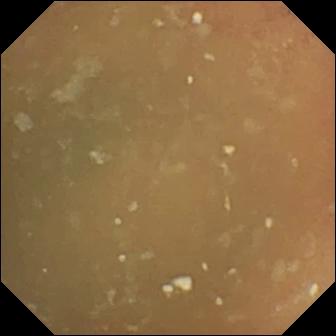Capsule endoscopy view of the small intestine showing normal clean mucosa.